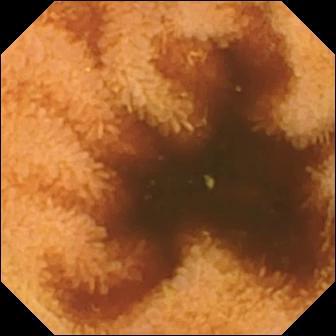Video capsule endoscopy snapshot, small bowel
Label: normal clean mucosa